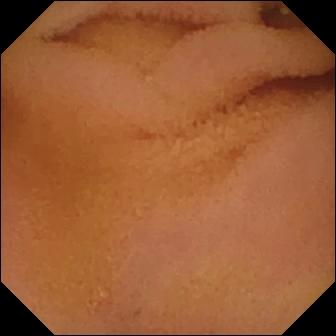- modality: video capsule endoscopy
- finding: normal clean mucosa